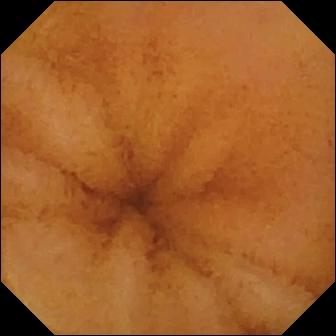Video capsule endoscopy frame showing normal clean mucosa.